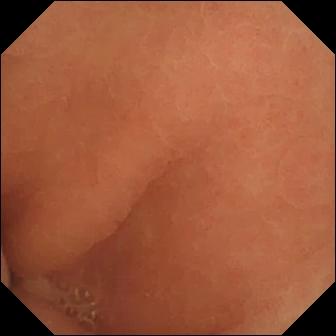This capsule endoscopy snapshot shows normal clean mucosa.